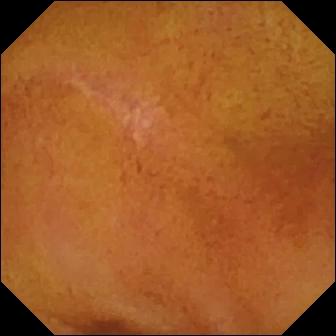Small-bowel capsule endoscopy view (small intestine). Normal clean mucosa.